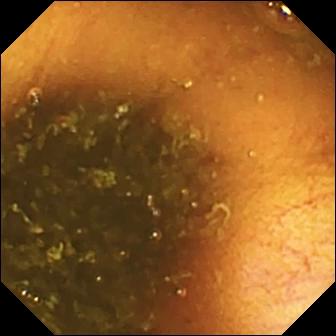VCE. Near an anatomical landmark. Label: ileo-cecal valve region (where the capsule passes from the small bowel into the large bowel).